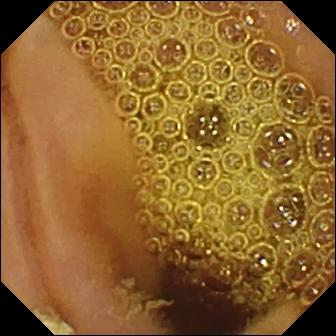Video capsule endoscopy. Finding: normal clean mucosa.